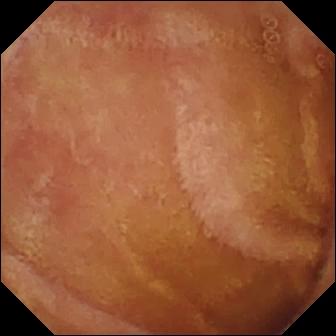Normal clean mucosa.